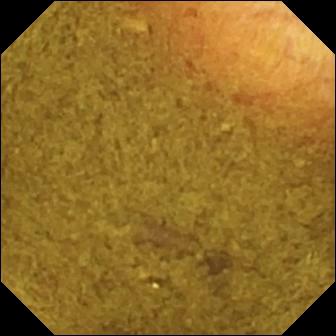Q: Where in the digestive tract was this small-bowel capsule endoscopy snapshot taken?
A: Ileo-cecal valve region.